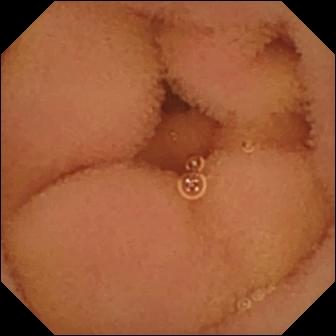modality: WCE; category: luminal finding; label: normal clean mucosa